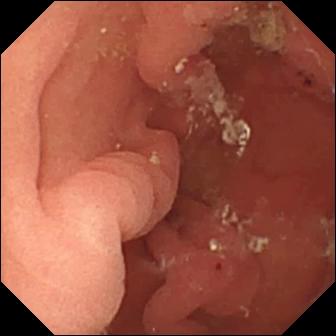- modality: capsule endoscopy
- label: hematin (altered blood) on the mucosal surface